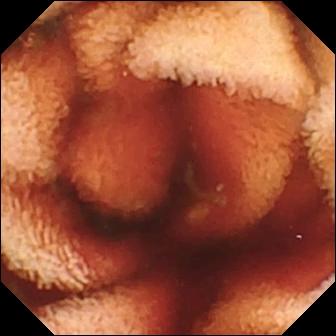Video capsule endoscopy still. Fresh blood in the lumen.